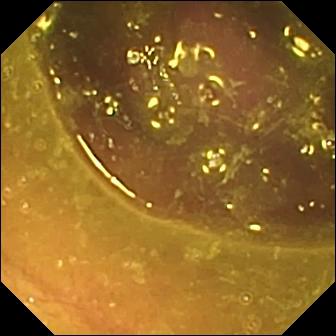Video capsule endoscopy snapshot
Observation: reduced mucosal view (content or bubbles obscuring the mucosa)